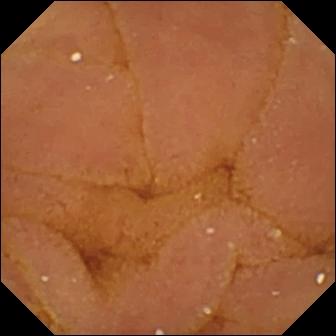PROCEDURE: Capsule endoscopy.
SEGMENT: Small intestine.
FINDINGS: Normal clean mucosa.